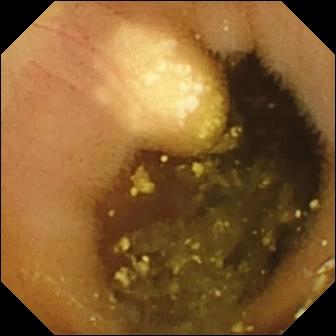Q: What does this WCE snapshot show?
A: Lymphangiectasia.